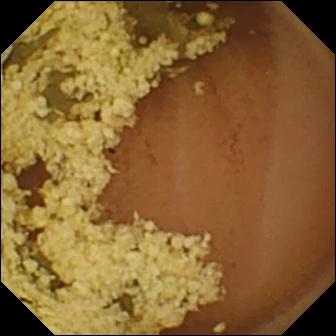Wireless capsule endoscopy — normal clean mucosa.